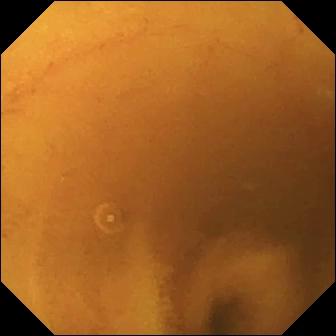PROCEDURE: VCE.
SEGMENT: Small intestine.
FINDINGS: Normal clean mucosa.